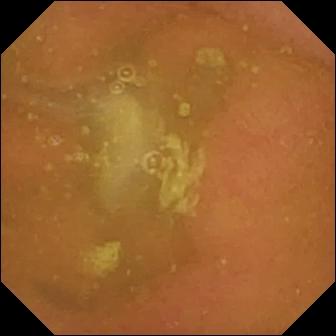VCE frame (small intestine). Normal clean mucosa.